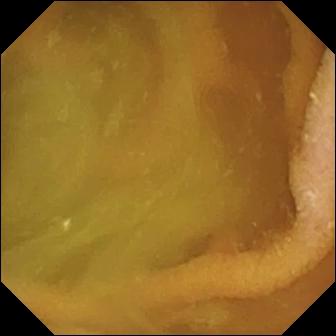Normal clean mucosa — wireless capsule endoscopy image of the small bowel.